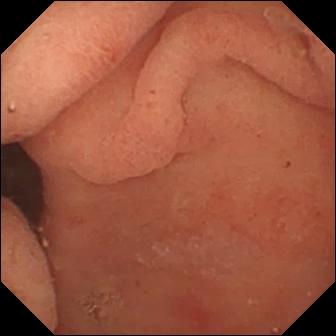VCE — pylorus region (the junction between the stomach and the small bowel).